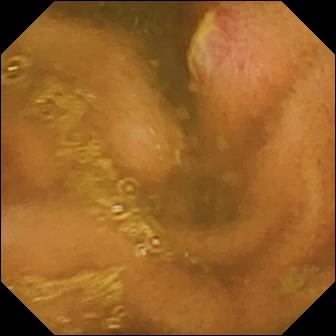Video capsule endoscopy snapshot showing ulcer.